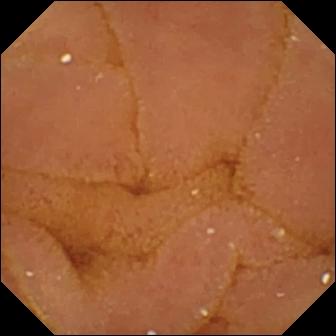WCE snapshot. Normal clean mucosa.